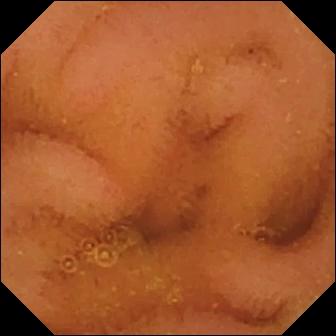Video capsule endoscopy snapshot, small intestine
Observation: normal clean mucosa